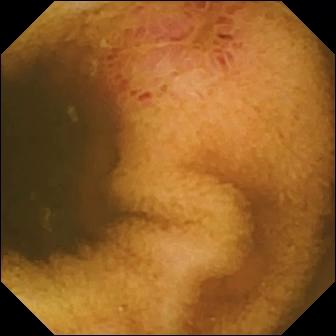Small-bowel capsule endoscopy — erosion.